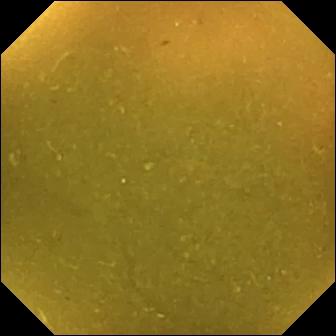Q: Where in the digestive tract was this WCE image taken?
A: Ileo-cecal valve region.